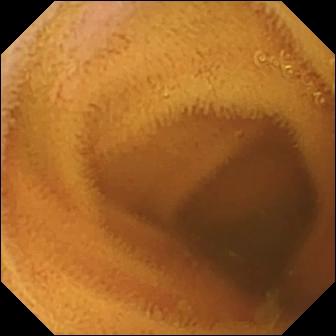Q: What does this capsule endoscopy frame of the small bowel show?
A: Normal clean mucosa.